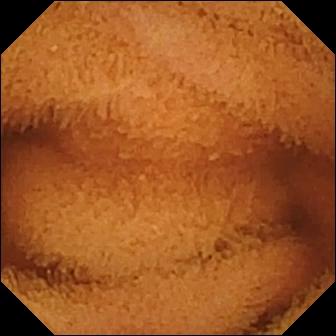This WCE frame shows normal clean mucosa.